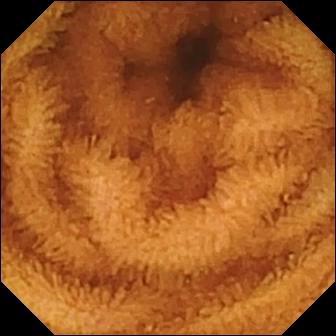PROCEDURE: Small-bowel capsule endoscopy.
FINDINGS: Normal clean mucosa.